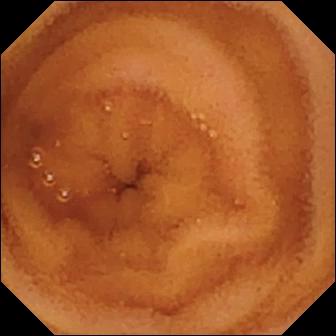Q: What does this WCE still of the small bowel show?
A: Normal clean mucosa.